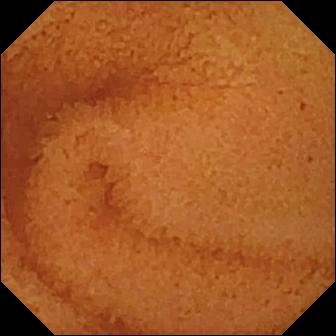Wireless capsule endoscopy still showing normal clean mucosa.